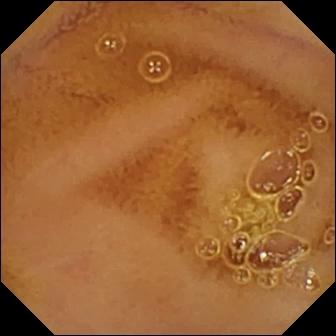Normal clean mucosa.